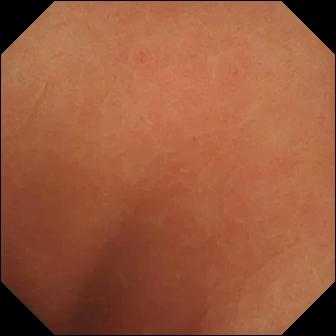VCE. Finding: normal clean mucosa.